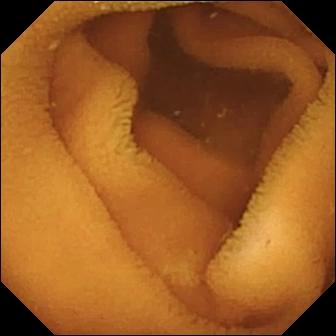PROCEDURE: Small-bowel capsule endoscopy.
FINDINGS: Normal clean mucosa.